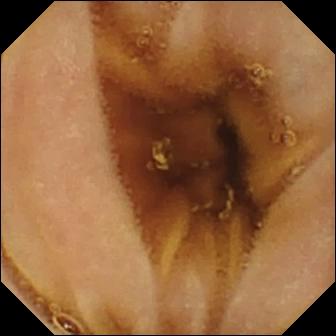Wireless capsule endoscopy — normal clean mucosa.